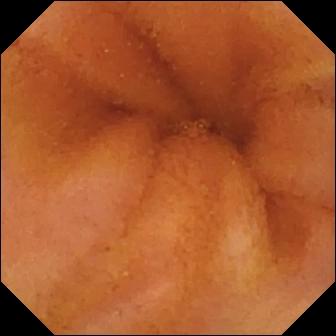modality: capsule endoscopy | observation: normal clean mucosa